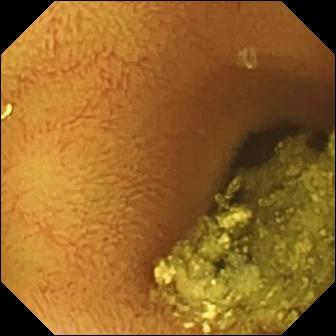Capsule endoscopy — normal clean mucosa.